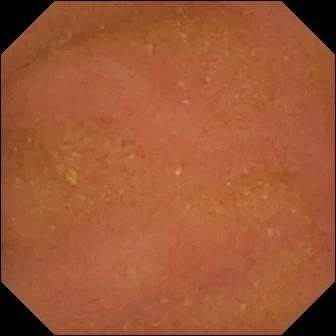Normal clean mucosa.